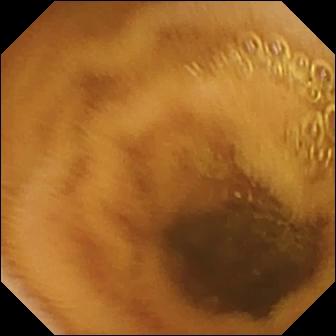{"modality": "WCE", "segment": "small bowel", "finding": "normal clean mucosa"}